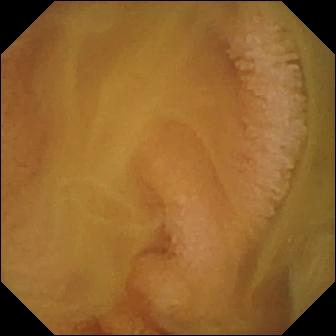modality: video capsule endoscopy
label: normal clean mucosa